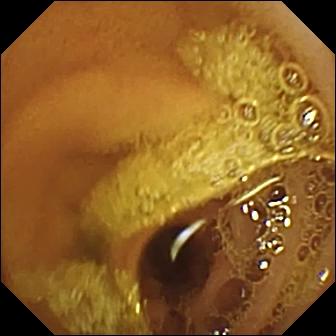VCE image (small intestine). Normal clean mucosa.